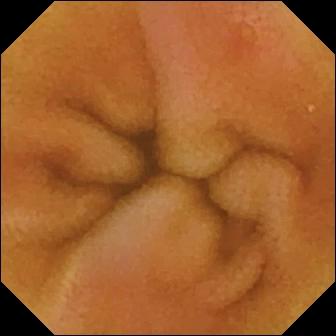PROCEDURE: WCE.
FINDINGS: Erosion.